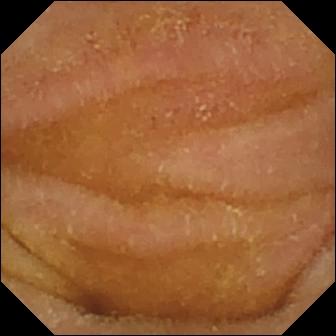PROCEDURE: VCE.
FINDINGS: Normal clean mucosa.